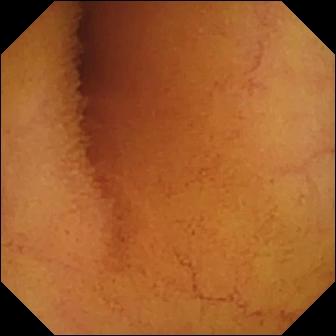Normal clean mucosa — wireless capsule endoscopy view of the small bowel.